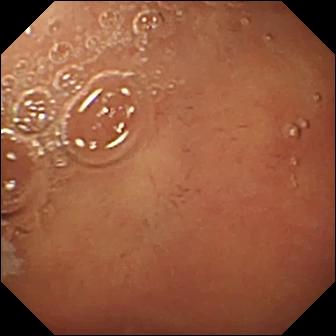Capsule endoscopy. Near an anatomical landmark. Position: pylorus region (where the capsule passes from the stomach into the small bowel).